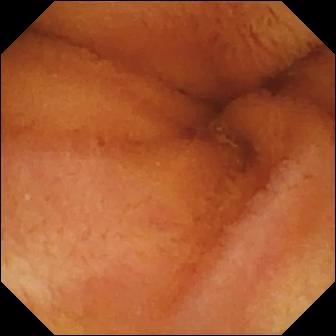Q: What does this capsule endoscopy snapshot show?
A: Normal clean mucosa.